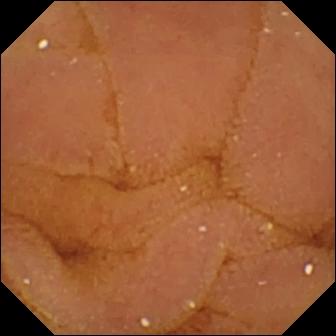Wireless capsule endoscopy view, small intestine
Observation: normal clean mucosa